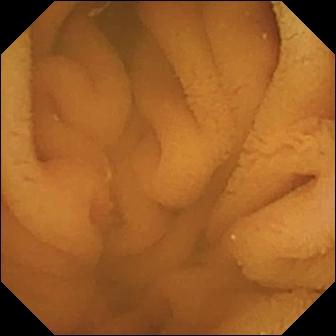This WCE view shows normal clean mucosa.